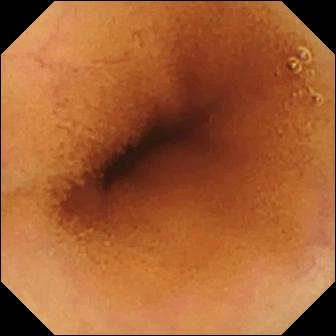{"modality": "small-bowel capsule endoscopy", "category": "luminal finding", "finding": "normal clean mucosa"}